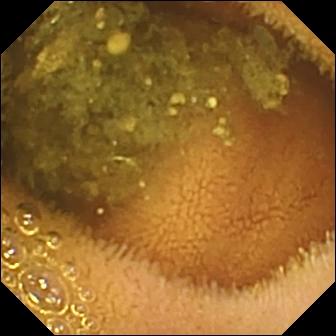PROCEDURE: WCE.
SEGMENT: Small bowel.
FINDINGS: Reduced mucosal view (content or bubbles obscuring the mucosa).